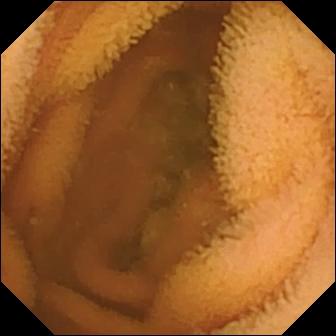PROCEDURE: WCE.
FINDINGS: Normal clean mucosa.